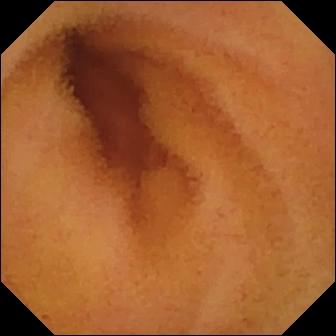This small-bowel capsule endoscopy frame shows normal clean mucosa.